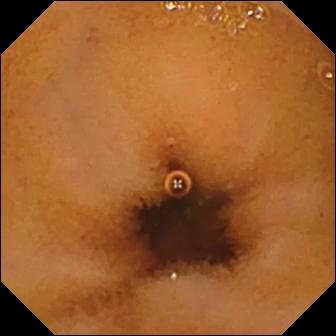Q: What does this capsule endoscopy view of the small intestine show?
A: Normal clean mucosa.